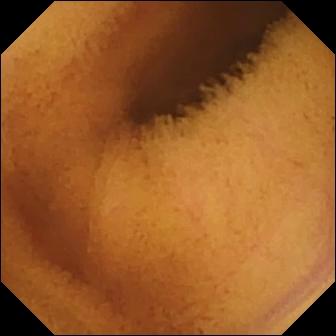This capsule endoscopy view of the small intestine shows normal clean mucosa.